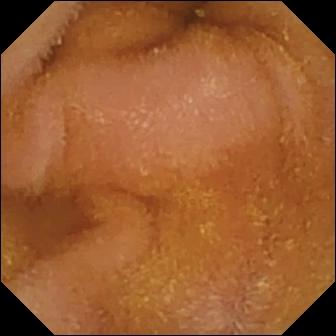Q: What does this video capsule endoscopy snapshot show?
A: Normal clean mucosa.